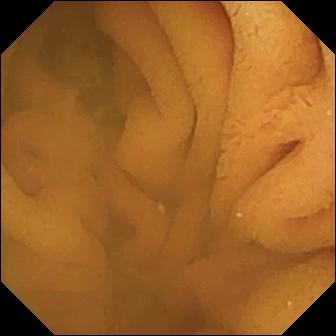Capsule endoscopy snapshot, small intestine
Finding: normal clean mucosa